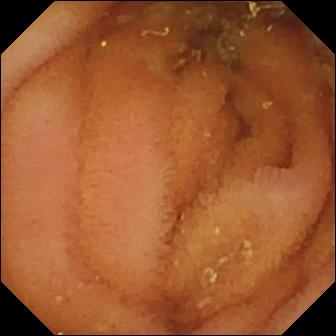Video capsule endoscopy. Small bowel. Luminal finding. Observation: normal clean mucosa.